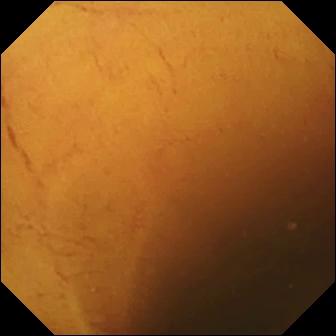PROCEDURE: WCE.
SEGMENT: Small intestine.
FINDINGS: Normal clean mucosa.